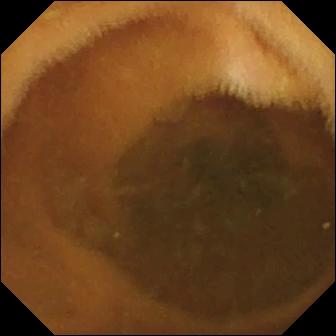This video capsule endoscopy frame of the small intestine shows normal clean mucosa.